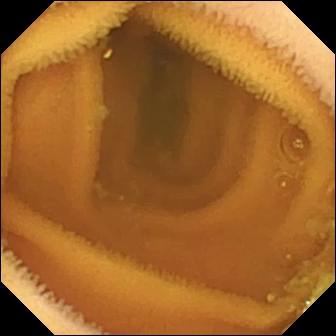{"modality": "capsule endoscopy", "finding": "normal clean mucosa"}